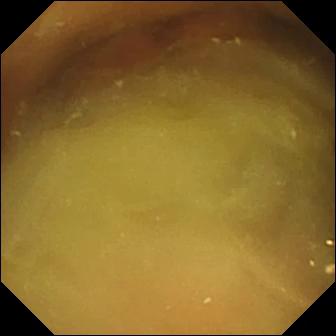Small-bowel capsule endoscopy view of the small intestine showing normal clean mucosa.